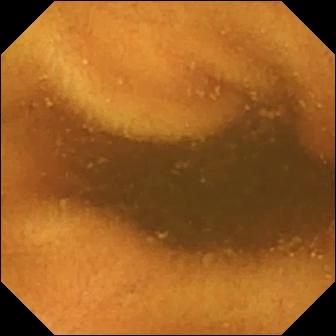modality: wireless capsule endoscopy; segment: small bowel; label: normal clean mucosa